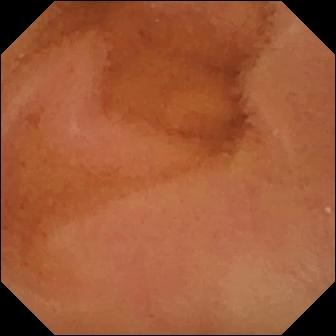{"modality": "wireless capsule endoscopy", "finding": "normal clean mucosa"}